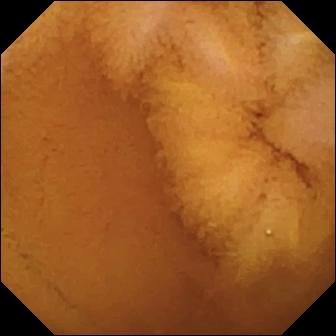{"modality": "VCE", "segment": "small intestine", "category": "luminal finding", "finding": "normal clean mucosa"}